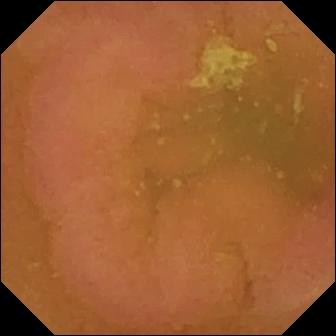WCE view (small bowel). Normal clean mucosa.